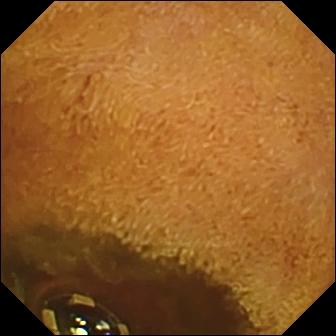Wireless capsule endoscopy frame
Label: foreign body (e.g. retained capsule, tablet residue)